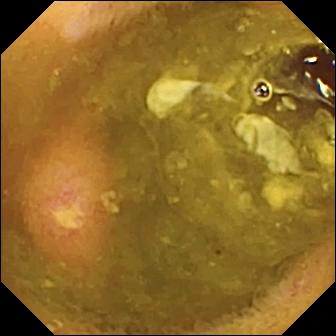modality: VCE
finding: ulcer